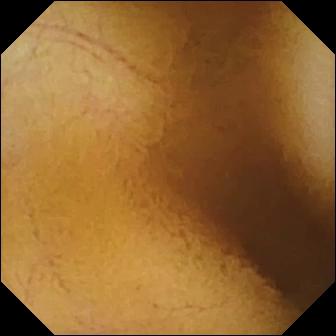Normal clean mucosa — VCE view of the small bowel.